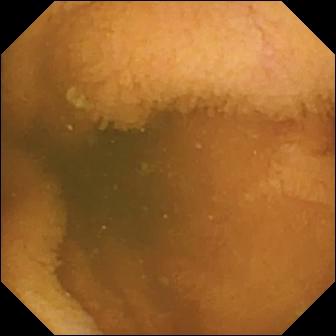Capsule endoscopy. Impression: normal clean mucosa.